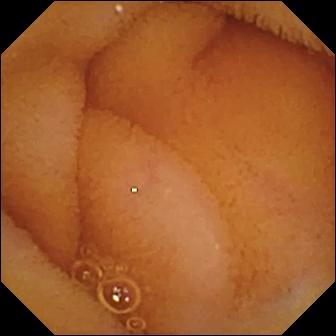{"modality": "WCE", "finding": "normal clean mucosa"}